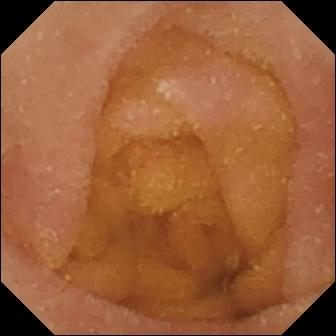- modality: WCE
- label: normal clean mucosa